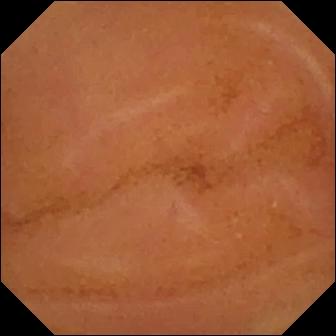- modality: capsule endoscopy
- observation: normal clean mucosa